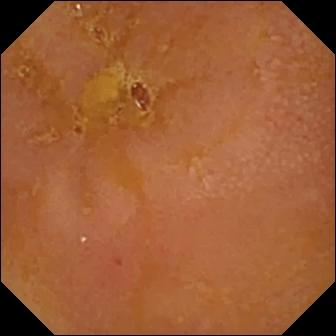This capsule endoscopy view shows reduced mucosal view (content or bubbles obscuring the mucosa).